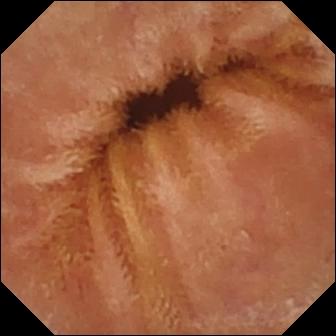WCE — normal clean mucosa.